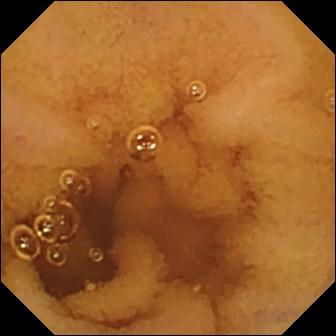Normal clean mucosa — WCE still.